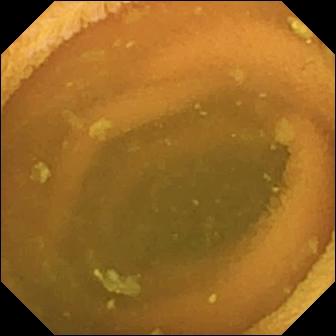- modality: wireless capsule endoscopy
- segment: small intestine
- observation: normal clean mucosa